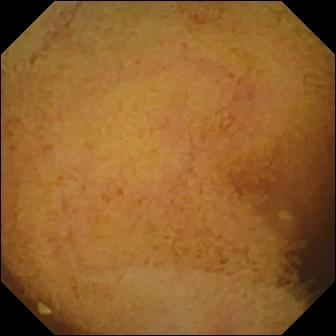Normal clean mucosa.